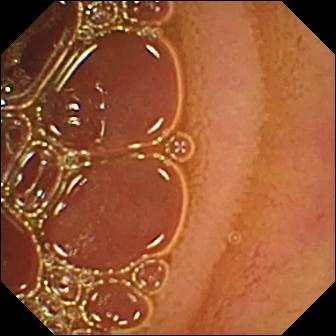VCE. Luminal finding. Impression: normal clean mucosa.